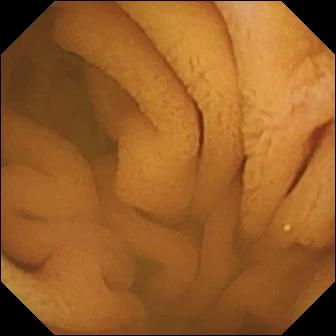- modality: WCE
- category: luminal finding
- label: normal clean mucosa